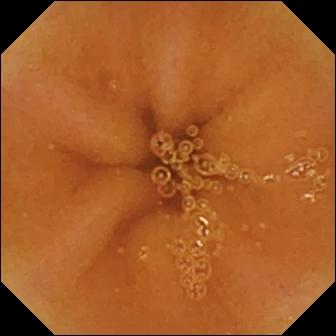Small-bowel capsule endoscopy view (small bowel), 336×336. Normal clean mucosa.